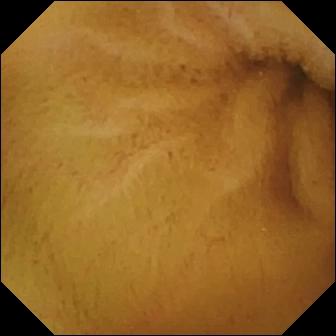modality: video capsule endoscopy
segment: small intestine
observation: normal clean mucosa